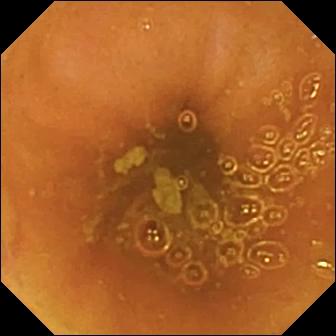Video capsule endoscopy — ileo-cecal valve region (where the capsule passes from the small bowel into the large bowel).